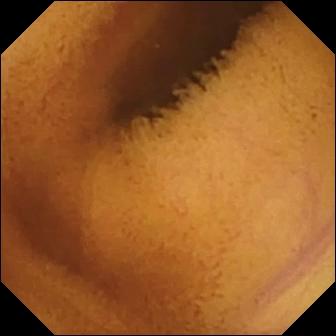- modality: small-bowel capsule endoscopy
- finding: normal clean mucosa